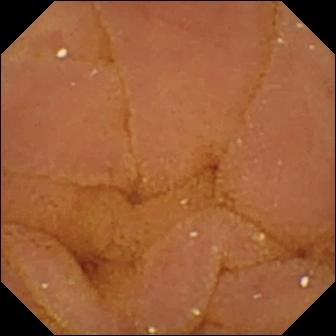{"modality": "video capsule endoscopy", "segment": "small intestine", "category": "luminal finding", "finding": "normal clean mucosa"}